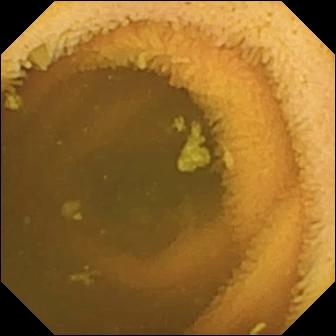- modality: small-bowel capsule endoscopy
- segment: small intestine
- impression: normal clean mucosa